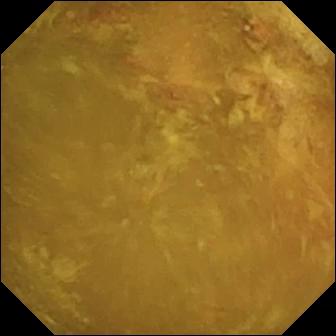Q: What does this wireless capsule endoscopy view show?
A: Reduced mucosal view (content or bubbles obscuring the mucosa).